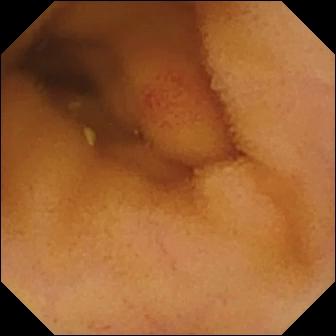Small-bowel capsule endoscopy — angiectasia.